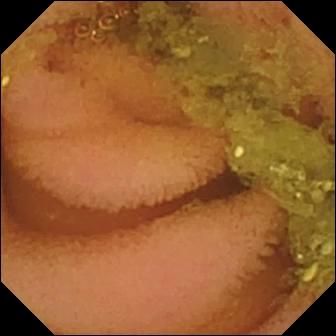Normal clean mucosa (336×336).